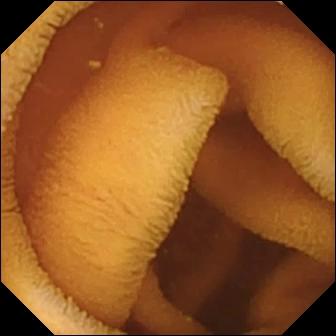Normal clean mucosa — small-bowel capsule endoscopy still of the small intestine.